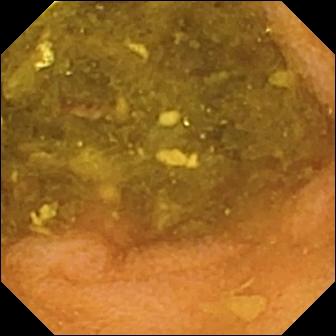Video capsule endoscopy view. Normal clean mucosa.